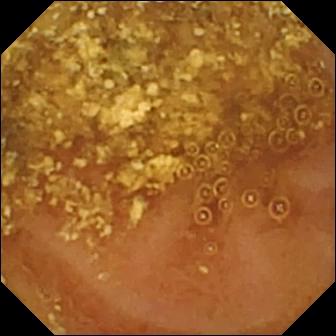This VCE snapshot of the small bowel shows reduced mucosal view (content or bubbles obscuring the mucosa).